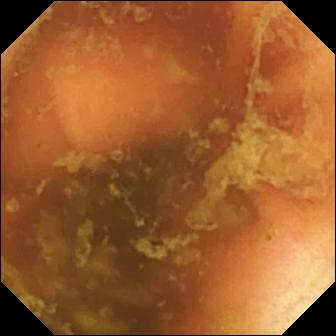This capsule endoscopy frame was taken in the ileo-cecal valve region (where the capsule passes from the small bowel into the large bowel).